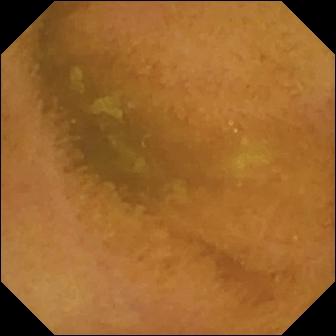Q: What does this WCE snapshot show?
A: Normal clean mucosa.